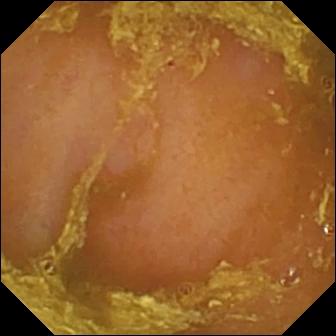VCE. Small bowel. Luminal finding. Observation: reduced mucosal view (content or bubbles obscuring the mucosa).